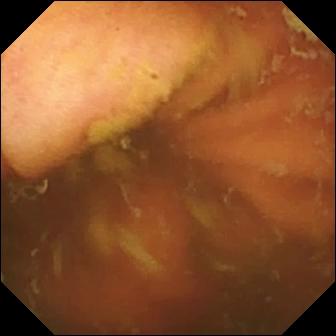Video capsule endoscopy still taken in the ileo-cecal valve region (where the capsule passes from the small bowel into the large bowel).